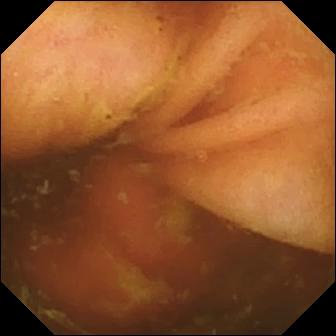This capsule endoscopy still was taken in the ileo-cecal valve region (the transition from the small bowel to the large bowel).